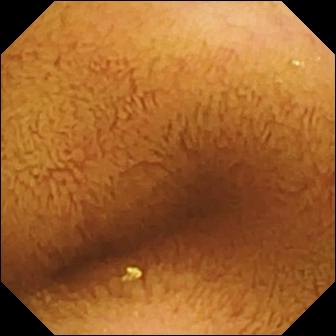Capsule endoscopy — normal clean mucosa.